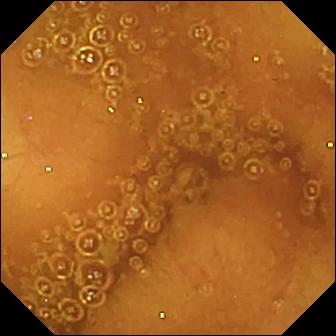{"modality": "small-bowel capsule endoscopy", "category": "luminal finding", "finding": "normal clean mucosa"}